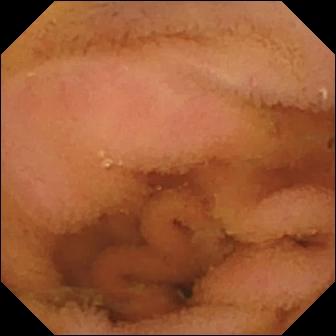VCE view
Impression: normal clean mucosa